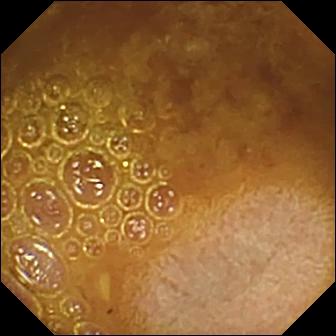Reduced mucosal view (content or bubbles obscuring the mucosa) — wireless capsule endoscopy view.